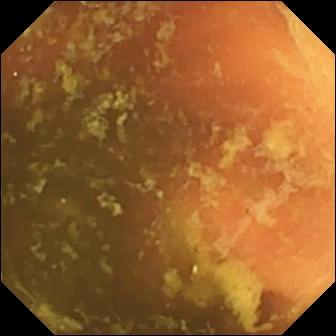WCE still taken in the ileo-cecal valve region.